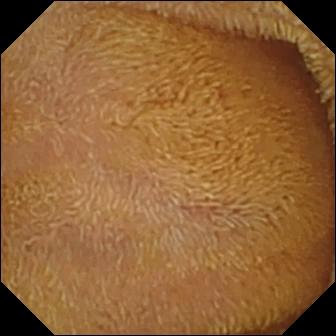Small-bowel capsule endoscopy frame (small bowel). Normal clean mucosa.